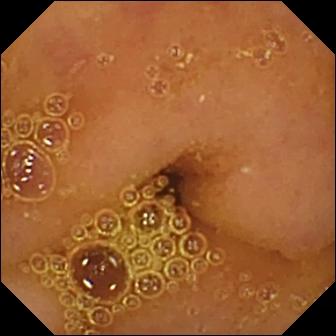Capsule endoscopy. Luminal finding. Observation: normal clean mucosa.